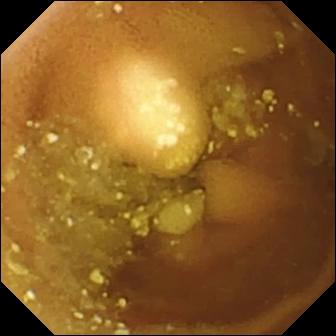Lymphangiectasia.